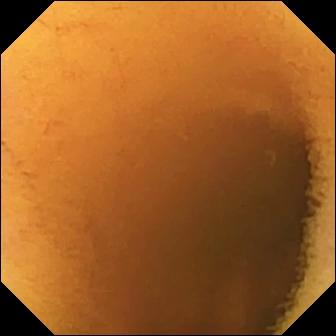Q: What does this wireless capsule endoscopy snapshot show?
A: Normal clean mucosa.